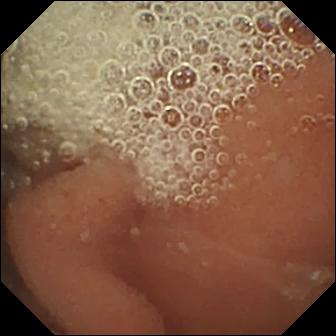Normal clean mucosa — wireless capsule endoscopy view of the small bowel.